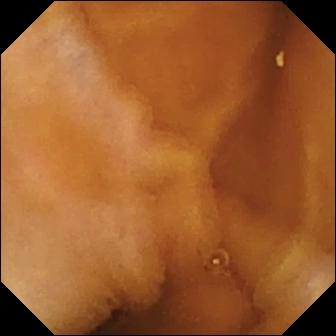Q: What does this VCE image show?
A: Normal clean mucosa.